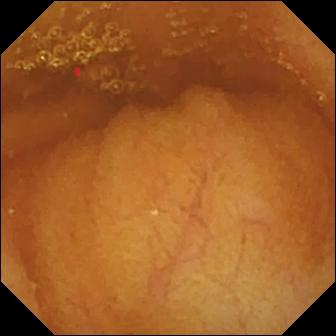modality: VCE; segment: small intestine; finding: normal clean mucosa